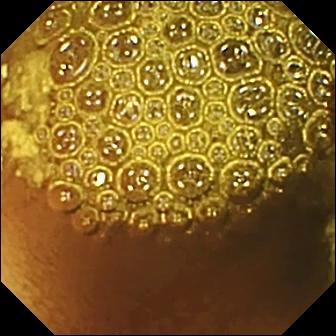Wireless capsule endoscopy snapshot of the small intestine showing reduced mucosal view (content or bubbles obscuring the mucosa).